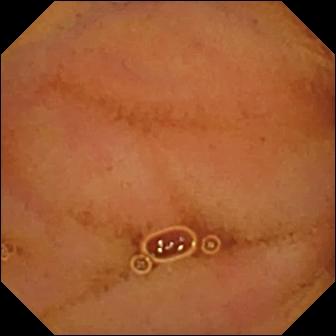This small-bowel capsule endoscopy still shows normal clean mucosa.